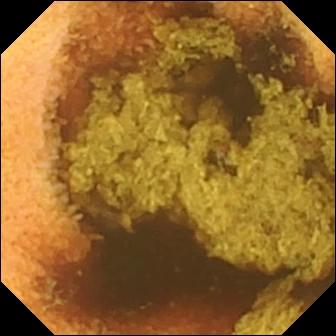WCE frame, small bowel
Finding: normal clean mucosa